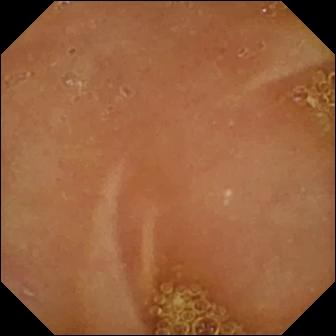PROCEDURE: WCE.
SEGMENT: Small intestine.
FINDINGS: Normal clean mucosa.